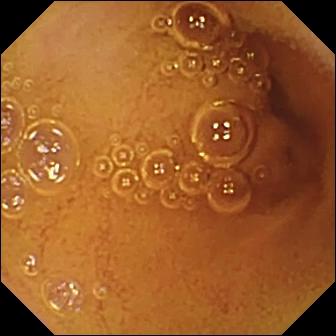VCE image, 336×336. Normal clean mucosa.